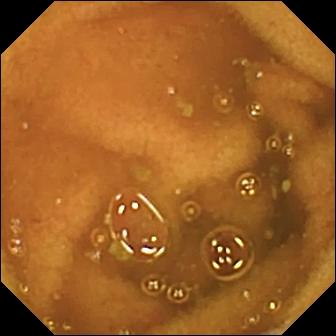- modality: video capsule endoscopy
- impression: normal clean mucosa